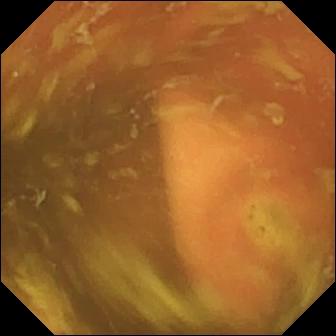Q: Where in the digestive tract was this capsule endoscopy view taken?
A: Ileo-cecal valve region (where the capsule passes from the small bowel into the large bowel).